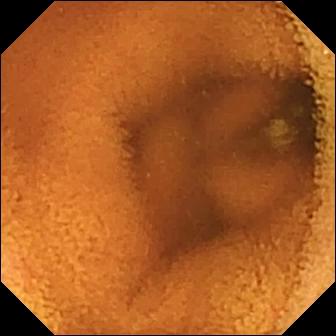modality: capsule endoscopy | label: normal clean mucosa